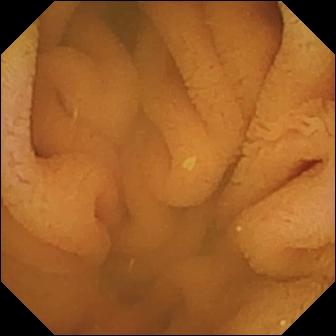Q: What does this small-bowel capsule endoscopy snapshot show?
A: Normal clean mucosa.